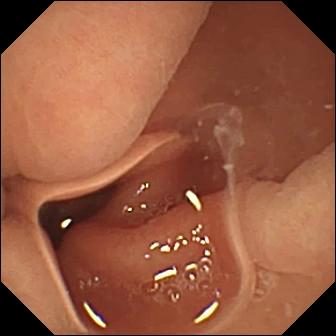Video capsule endoscopy. Impression: normal clean mucosa.